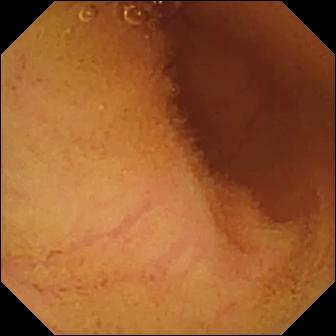Capsule endoscopy. Luminal finding. Finding: normal clean mucosa.